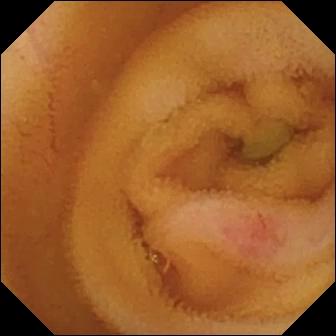- modality: video capsule endoscopy
- category: luminal finding
- impression: angiectasia